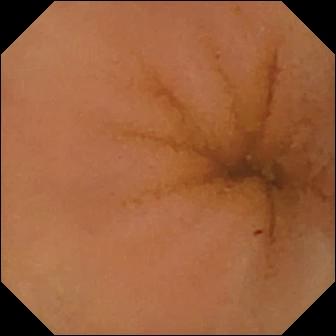modality: WCE
segment: small bowel
finding: normal clean mucosa